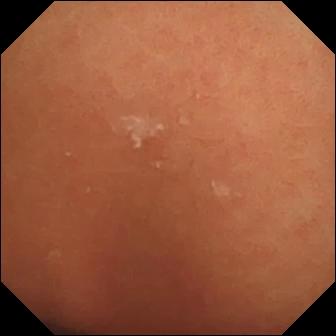Capsule endoscopy — normal clean mucosa.